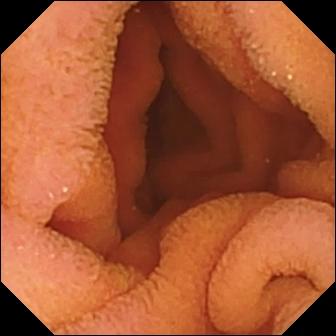- modality: capsule endoscopy
- segment: small intestine
- label: normal clean mucosa